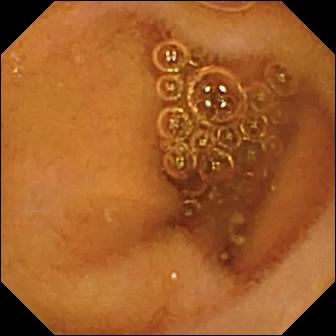Capsule endoscopy snapshot
Impression: normal clean mucosa